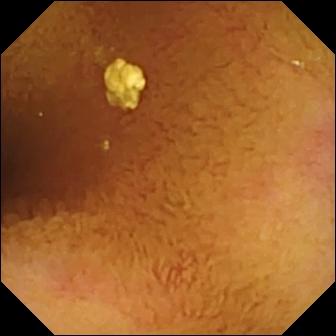WCE — normal clean mucosa.